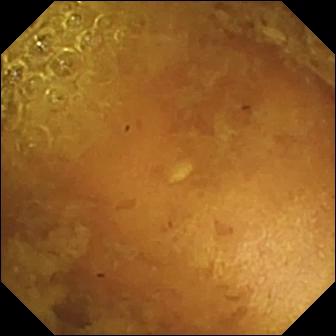Capsule endoscopy snapshot (small bowel). Reduced mucosal view (content or bubbles obscuring the mucosa).